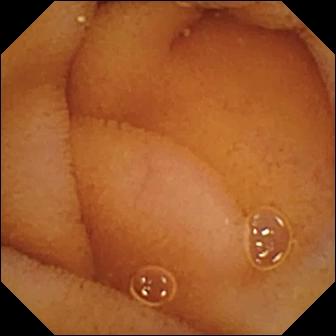modality: video capsule endoscopy
label: normal clean mucosa